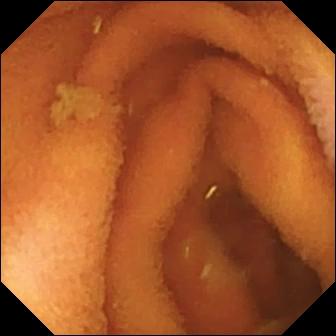VCE frame
Label: normal clean mucosa